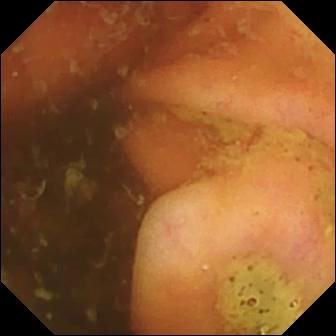PROCEDURE: VCE.
VIDEO SEGMENT: Ileo-cecal valve region.